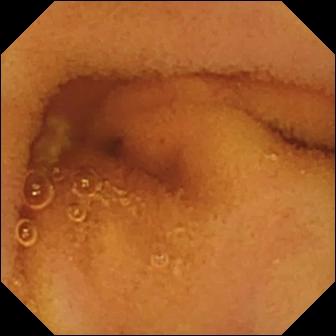PROCEDURE: VCE.
FINDINGS: Normal clean mucosa.